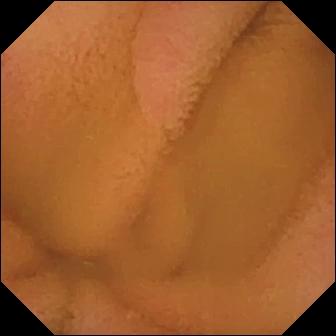Normal clean mucosa (336×336).